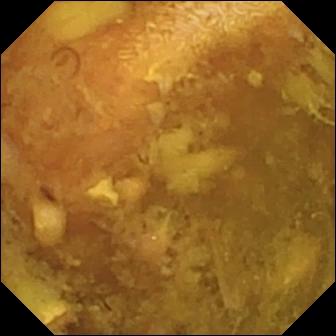modality: capsule endoscopy; segment: small intestine; category: luminal finding; label: reduced mucosal view (content or bubbles obscuring the mucosa)